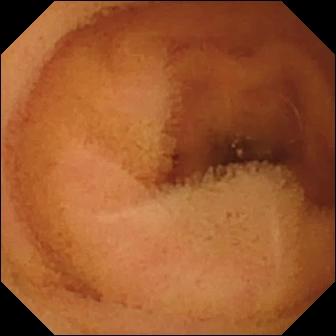- modality: video capsule endoscopy
- segment: small bowel
- finding: normal clean mucosa